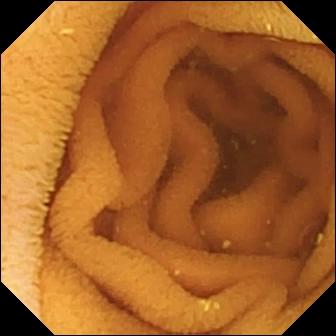- modality: wireless capsule endoscopy
- segment: small intestine
- observation: normal clean mucosa